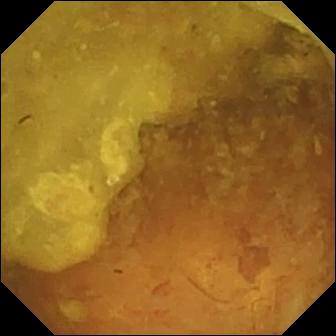Reduced mucosal view (content or bubbles obscuring the mucosa).